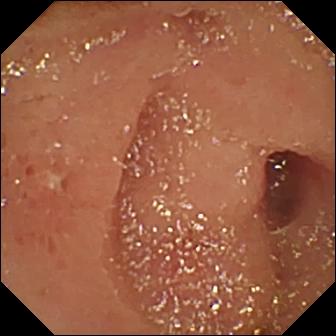VCE frame showing erosion.